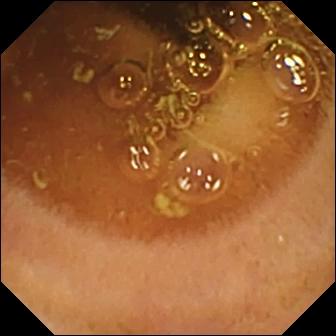Small-bowel capsule endoscopy. Small intestine. Label: normal clean mucosa.